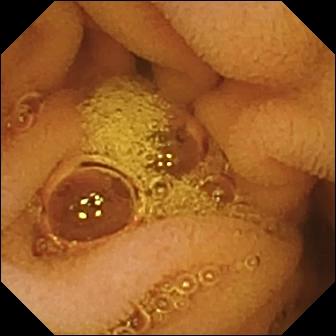PROCEDURE: VCE.
FINDINGS: Normal clean mucosa.